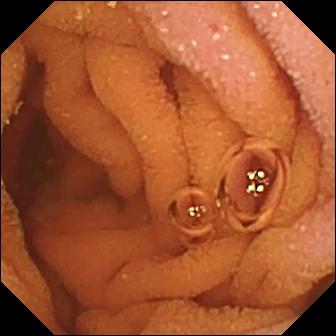This wireless capsule endoscopy frame shows normal clean mucosa.